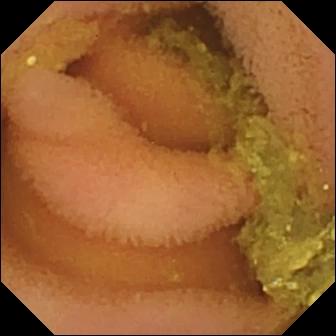PROCEDURE: VCE.
FINDINGS: Normal clean mucosa.